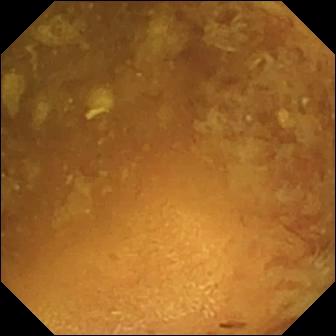modality: WCE
segment: small bowel
label: reduced mucosal view (content or bubbles obscuring the mucosa)